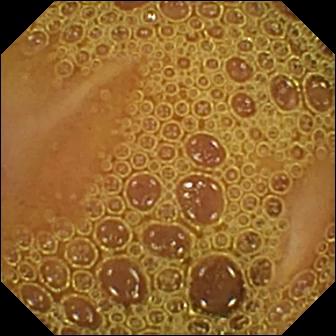This VCE view shows normal clean mucosa.